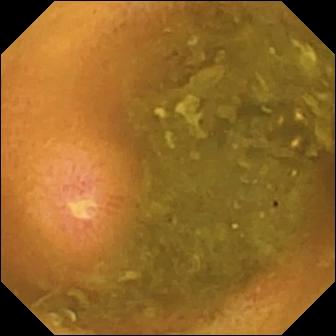Ulcer — video capsule endoscopy frame.